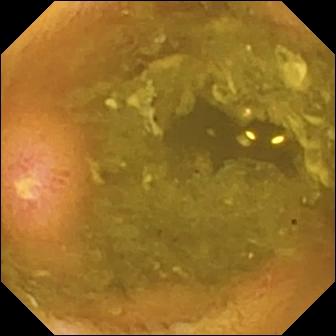Capsule endoscopy view showing ulcer.